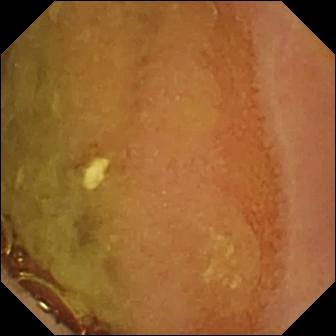Normal clean mucosa — VCE frame of the small intestine.